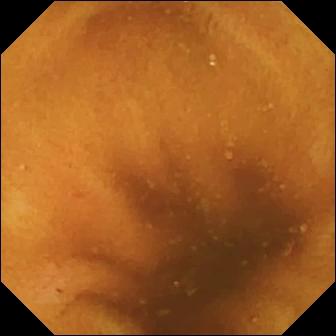modality: VCE
segment: small intestine
observation: normal clean mucosa